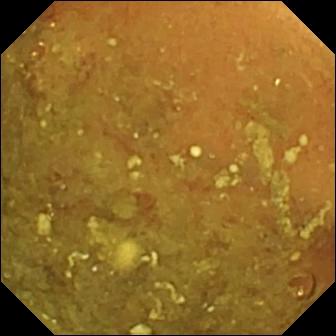- modality: capsule endoscopy
- segment: small intestine
- observation: reduced mucosal view (content or bubbles obscuring the mucosa)